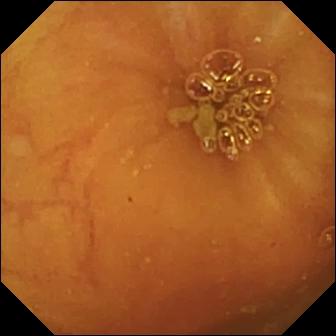Capsule endoscopy frame taken in the ileo-cecal valve region.